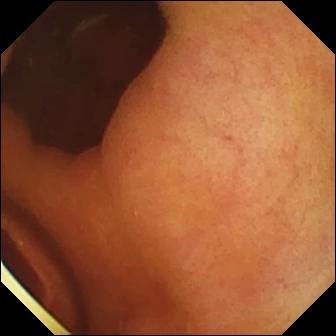Wireless capsule endoscopy — foreign body (e.g. retained capsule, tablet residue).